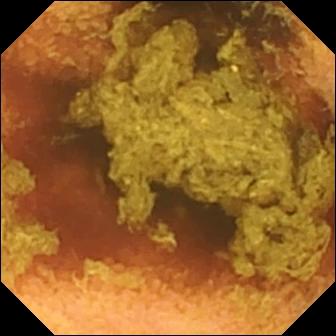Normal clean mucosa.